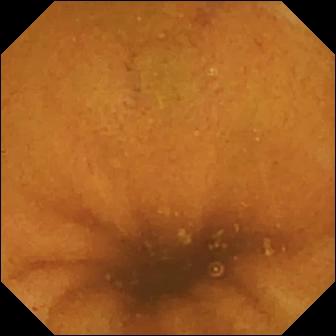PROCEDURE: Capsule endoscopy.
SEGMENT: Small intestine.
FINDINGS: Normal clean mucosa.